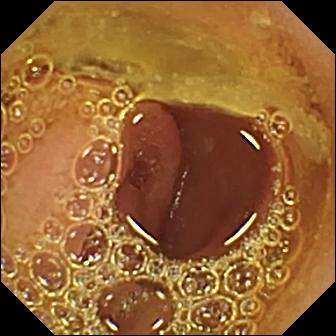modality: VCE | segment: small bowel | observation: normal clean mucosa